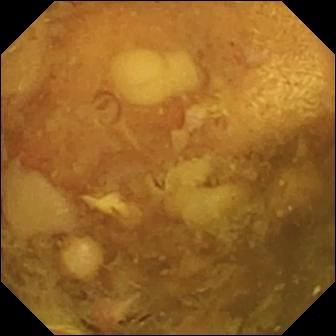Video capsule endoscopy snapshot (small bowel). Reduced mucosal view (content or bubbles obscuring the mucosa).